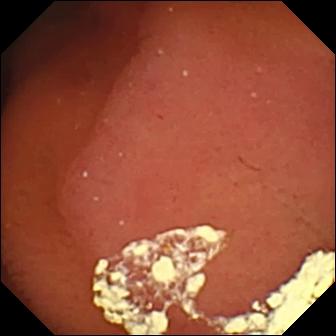Wireless capsule endoscopy image taken in the pylorus region.